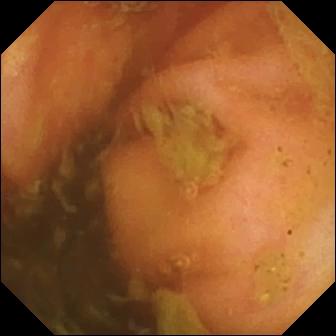modality: wireless capsule endoscopy; label: ileo-cecal valve region